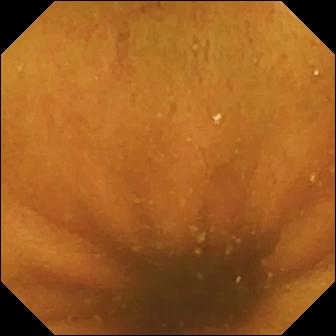Small-bowel capsule endoscopy image. Normal clean mucosa.